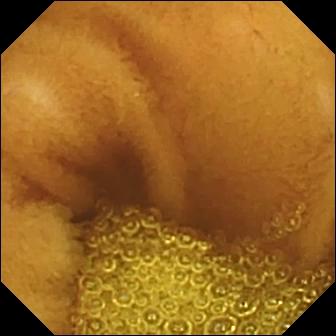Wireless capsule endoscopy — normal clean mucosa.